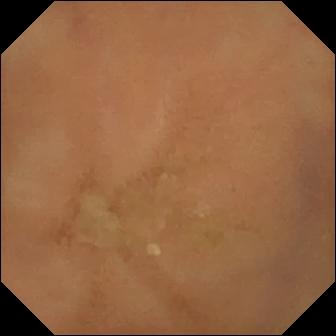Small-bowel capsule endoscopy snapshot showing normal clean mucosa.